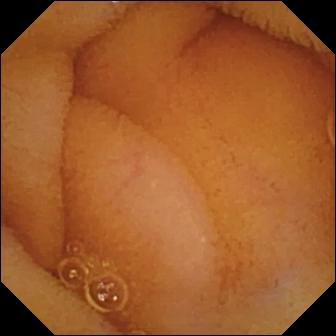{"modality": "VCE", "finding": "normal clean mucosa"}